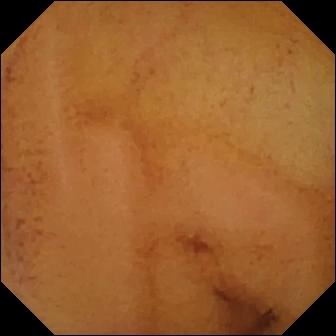modality: WCE | impression: normal clean mucosa